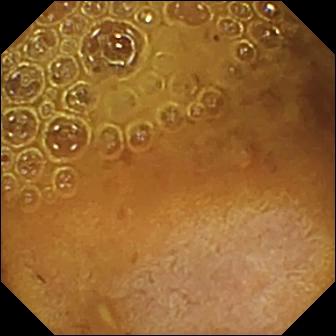modality: capsule endoscopy | segment: small bowel | category: luminal finding | observation: reduced mucosal view (content or bubbles obscuring the mucosa)